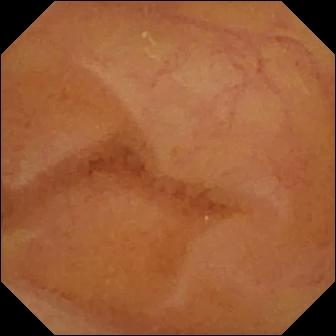WCE frame showing normal clean mucosa.